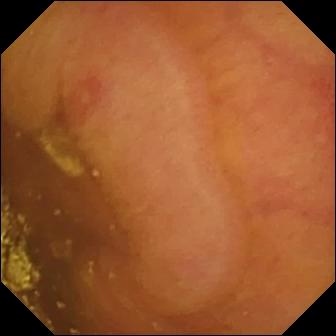PROCEDURE: Small-bowel capsule endoscopy.
FINDINGS: Erosion.